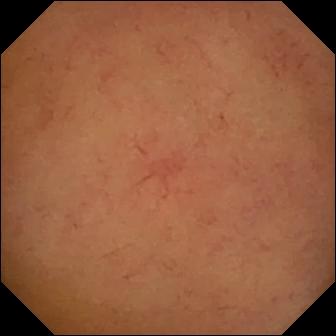{"modality": "WCE", "segment": "small bowel", "finding": "normal clean mucosa"}